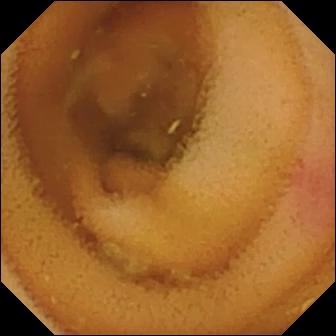- modality: capsule endoscopy
- impression: angiectasia